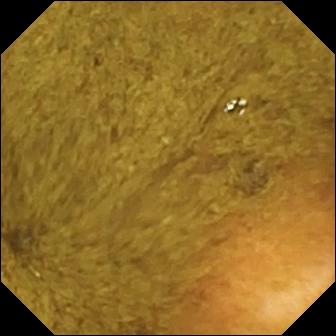VCE snapshot. Taken in the ileo-cecal valve region.